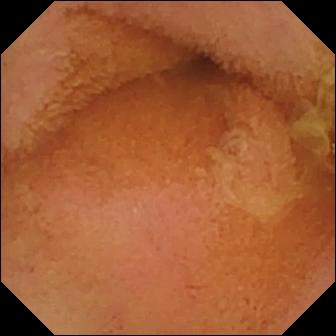- modality: VCE
- segment: small intestine
- category: luminal finding
- finding: normal clean mucosa